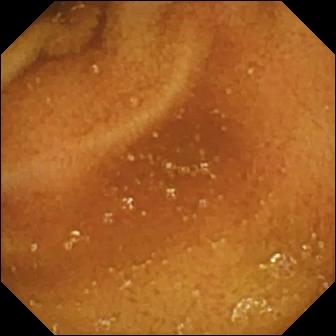Capsule endoscopy. Label: normal clean mucosa.